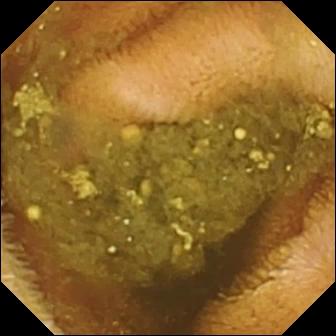Small-bowel capsule endoscopy still
Observation: reduced mucosal view (content or bubbles obscuring the mucosa)